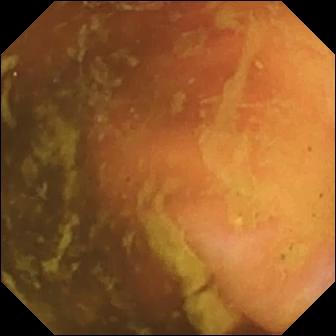PROCEDURE: WCE.
LABEL: Ileo-cecal valve region.